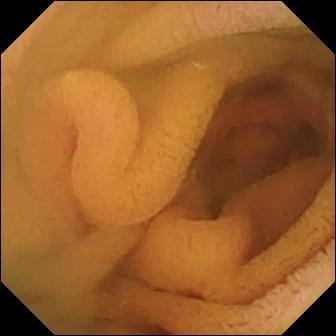Small-bowel capsule endoscopy — normal clean mucosa.